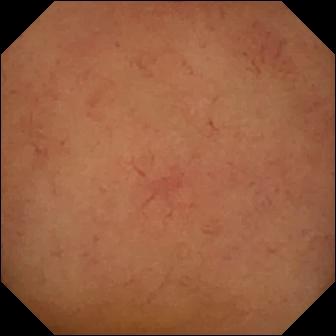Wireless capsule endoscopy view (small bowel). Normal clean mucosa.